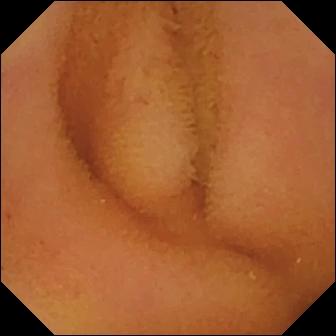VCE view (small bowel). Normal clean mucosa.